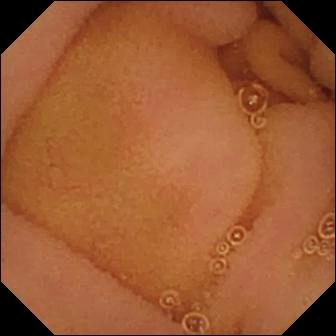Video capsule endoscopy view of the small intestine showing normal clean mucosa.